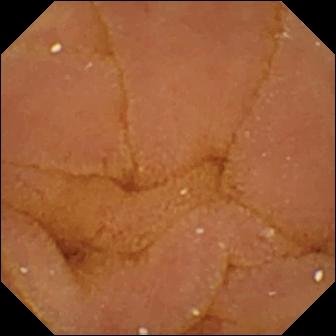Q: What does this VCE still show?
A: Normal clean mucosa.